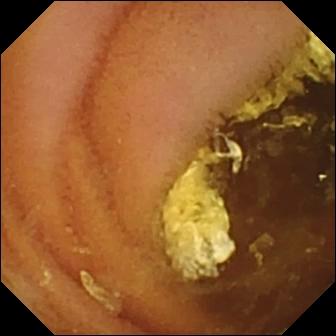modality: capsule endoscopy; finding: normal clean mucosa